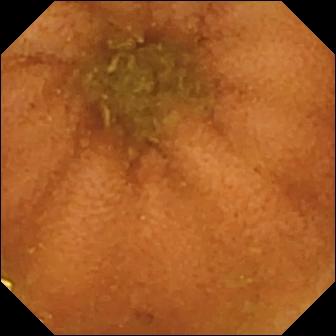WCE still. Normal clean mucosa.